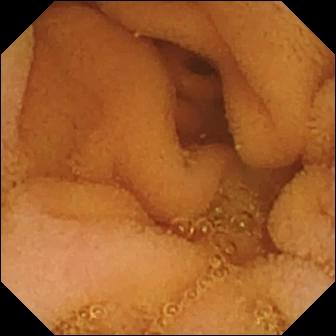Normal clean mucosa — capsule endoscopy image.